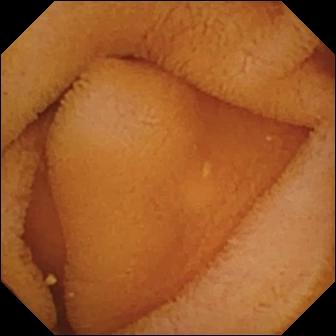modality: VCE
observation: normal clean mucosa